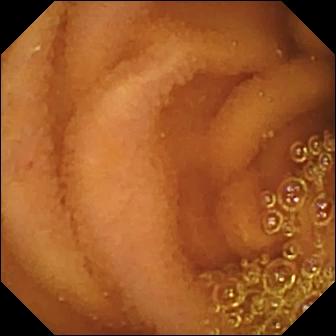WCE still of the small intestine showing normal clean mucosa.